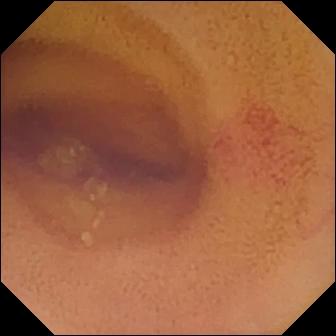PROCEDURE: Small-bowel capsule endoscopy.
FINDINGS: Angiectasia.